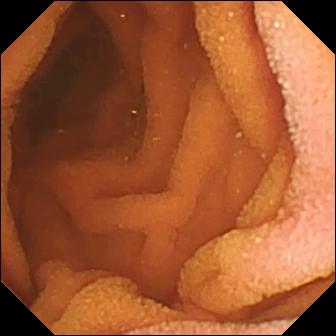Capsule endoscopy still showing normal clean mucosa.